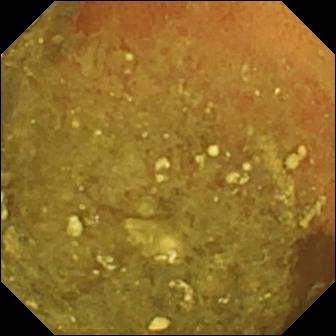Reduced mucosal view (content or bubbles obscuring the mucosa).